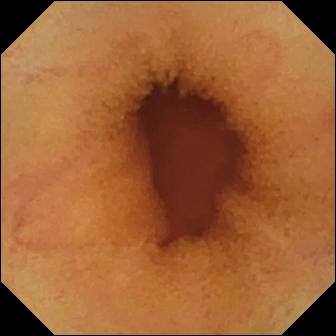VCE image showing normal clean mucosa.